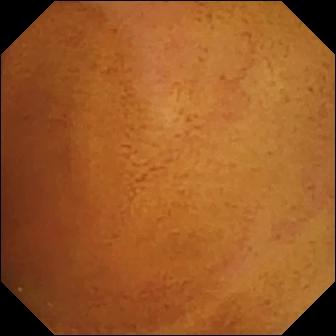modality: video capsule endoscopy; label: normal clean mucosa